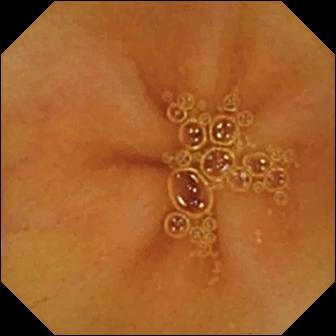Video capsule endoscopy — normal clean mucosa.